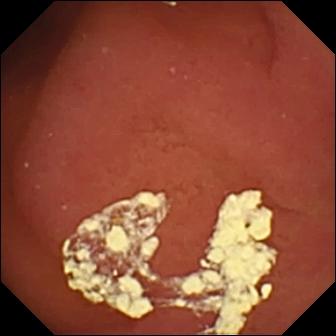Q: Where in the digestive tract was this capsule endoscopy view taken?
A: Pylorus region.